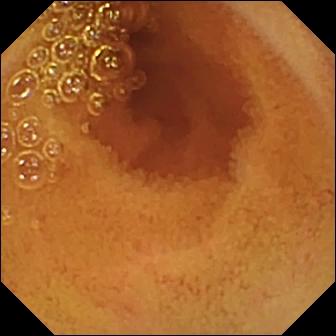modality: capsule endoscopy; category: luminal finding; label: normal clean mucosa